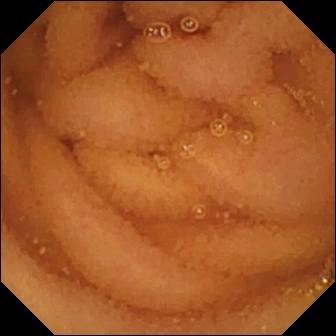Q: What does this capsule endoscopy image show?
A: Normal clean mucosa.